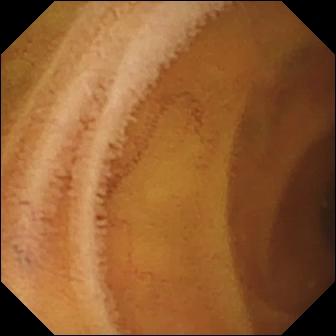PROCEDURE: WCE.
SEGMENT: Small bowel.
FINDINGS: Normal clean mucosa.